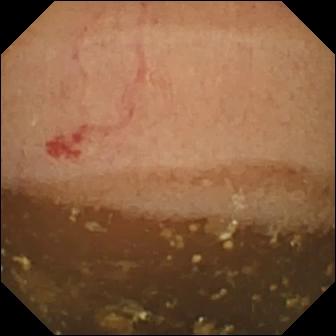Q: What does this VCE image show?
A: Angiectasia.